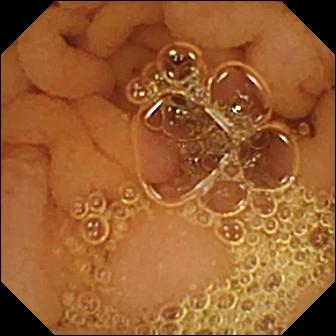PROCEDURE: Video capsule endoscopy.
FINDINGS: Normal clean mucosa.